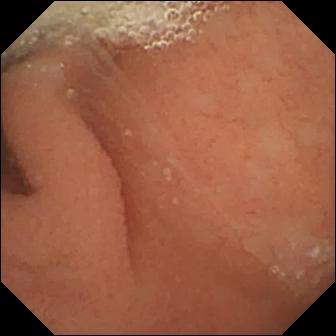- modality: WCE
- segment: small bowel
- category: luminal finding
- finding: normal clean mucosa